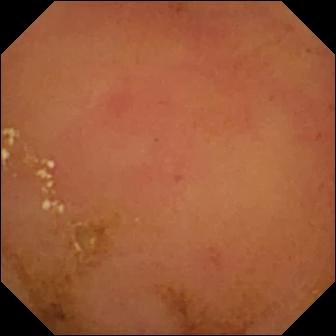- modality: small-bowel capsule endoscopy
- category: luminal finding
- finding: normal clean mucosa